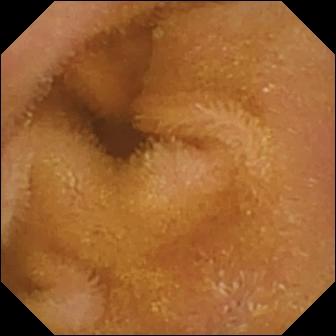{"modality": "small-bowel capsule endoscopy", "category": "luminal finding", "finding": "normal clean mucosa"}